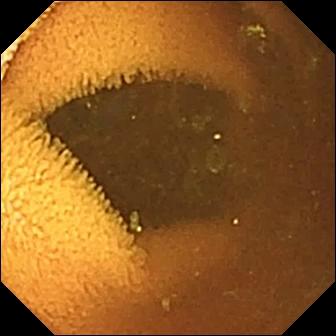Q: What does this video capsule endoscopy view of the small bowel show?
A: Normal clean mucosa.